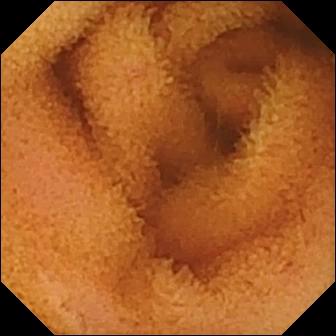Q: What does this WCE still of the small bowel show?
A: Normal clean mucosa.